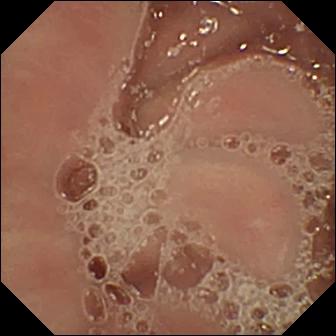This wireless capsule endoscopy view was taken in the pylorus region (where the capsule passes from the stomach into the small bowel).